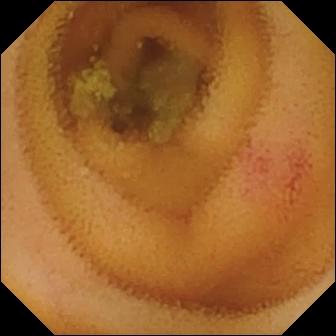Capsule endoscopy — angiectasia.